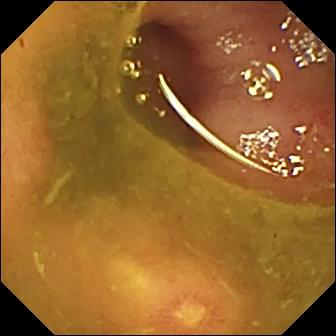VCE still
Label: ulcer